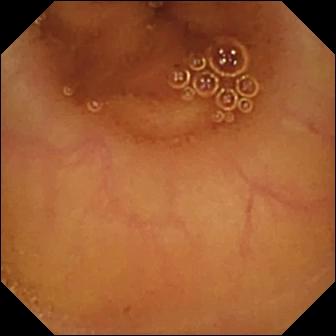Wireless capsule endoscopy — normal clean mucosa.